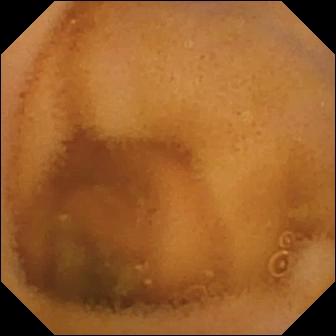Normal clean mucosa — WCE still.